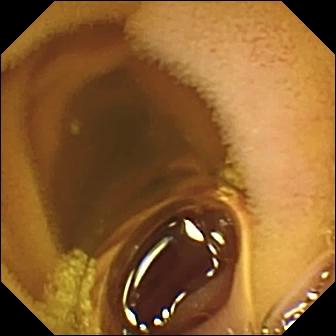This wireless capsule endoscopy frame shows normal clean mucosa.